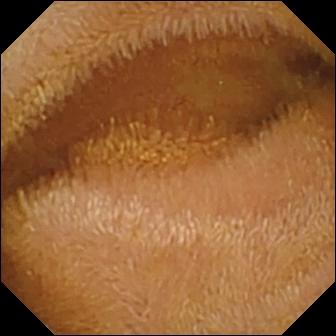Capsule endoscopy view
Label: normal clean mucosa